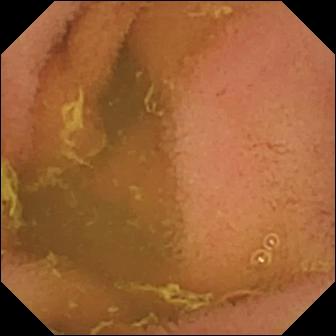Wireless capsule endoscopy view
Impression: normal clean mucosa